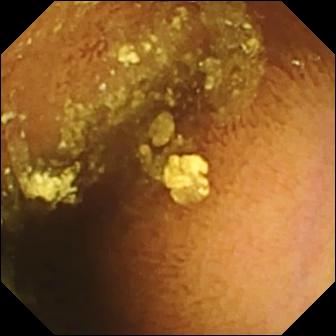Wireless capsule endoscopy snapshot, small intestine
Finding: normal clean mucosa